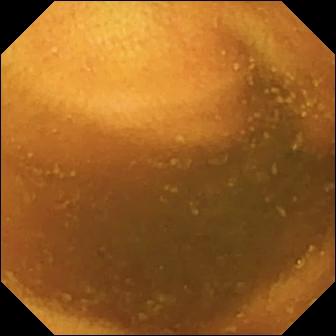PROCEDURE: WCE.
SEGMENT: Small bowel.
FINDINGS: Normal clean mucosa.